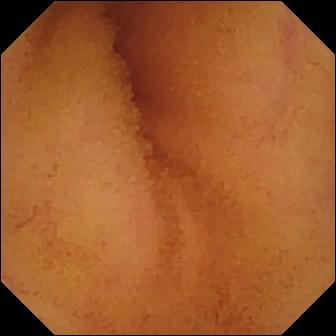Normal clean mucosa — capsule endoscopy frame.